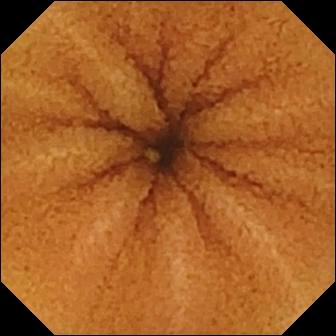Normal clean mucosa — small-bowel capsule endoscopy frame of the small intestine.